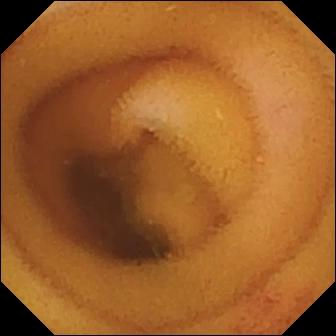{"modality": "WCE", "category": "luminal finding", "finding": "angiectasia"}